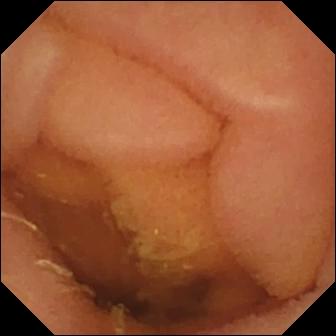- modality: wireless capsule endoscopy
- label: normal clean mucosa